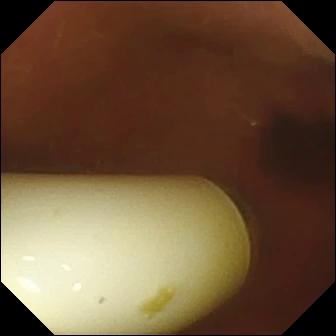PROCEDURE: VCE.
FINDINGS: Foreign body (e.g. retained capsule, tablet residue).